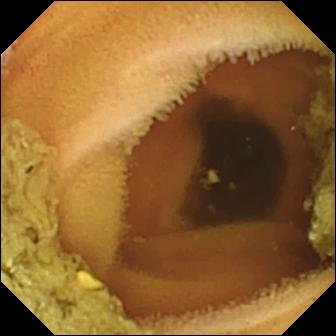{"modality": "WCE", "finding": "normal clean mucosa"}